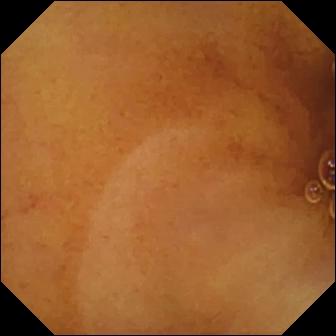This small-bowel capsule endoscopy image of the small bowel shows normal clean mucosa.